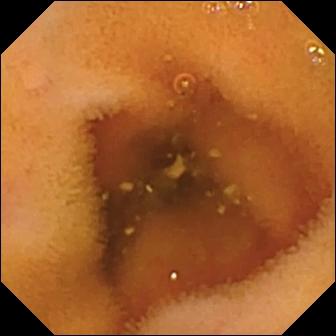PROCEDURE: VCE.
SEGMENT: Small bowel.
FINDINGS: Normal clean mucosa.